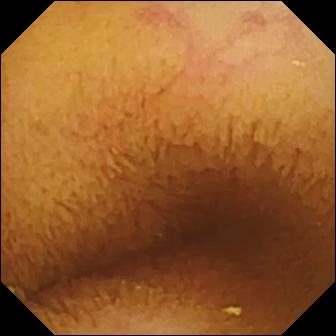{"modality": "video capsule endoscopy", "segment": "small bowel", "category": "luminal finding", "finding": "normal clean mucosa"}